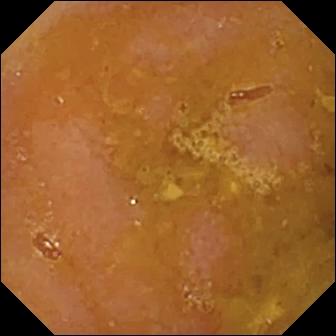Wireless capsule endoscopy view, 336×336. Reduced mucosal view (content or bubbles obscuring the mucosa).